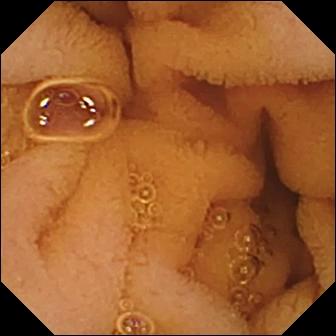PROCEDURE: Video capsule endoscopy.
FINDINGS: Normal clean mucosa.